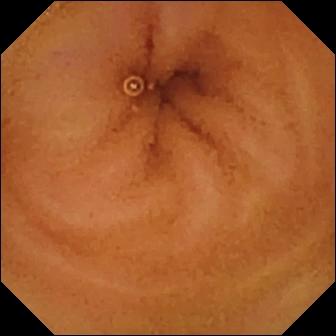Q: What does this capsule endoscopy snapshot show?
A: Normal clean mucosa.